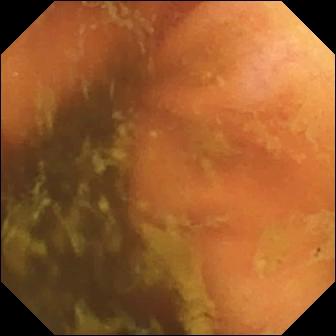{"modality": "VCE", "video_segment": "ileo-cecal valve region (the transition from the small bowel to the large bowel)"}